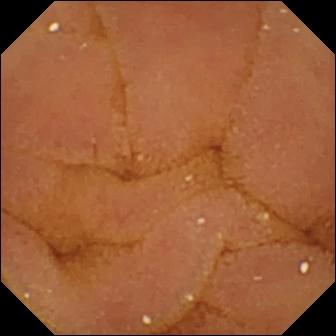Capsule endoscopy image. Normal clean mucosa.